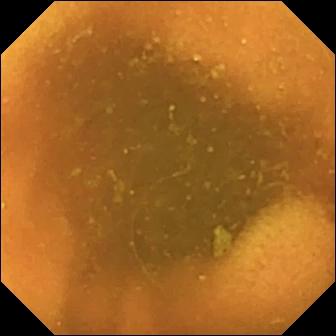- modality: capsule endoscopy
- segment: small bowel
- label: normal clean mucosa